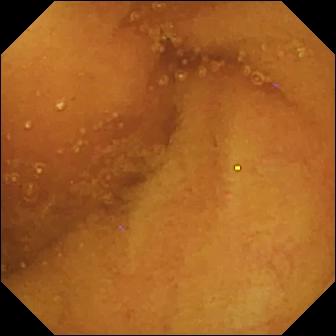Wireless capsule endoscopy. Small intestine. Luminal finding. Finding: normal clean mucosa.